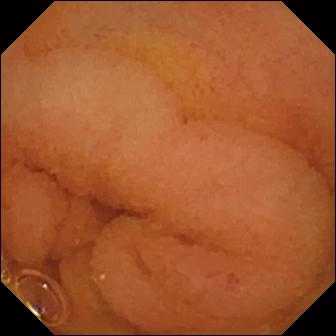{"modality": "WCE", "category": "luminal finding", "finding": "normal clean mucosa"}